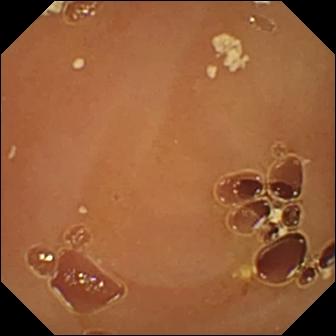This WCE snapshot of the small bowel shows normal clean mucosa.